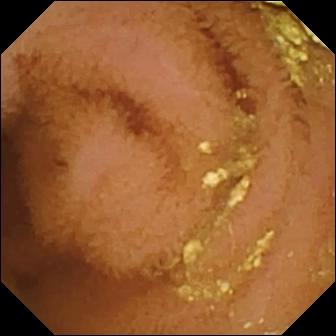VCE still, small bowel
Label: normal clean mucosa